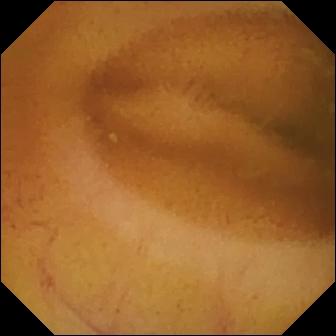{"modality": "video capsule endoscopy", "finding": "normal clean mucosa"}